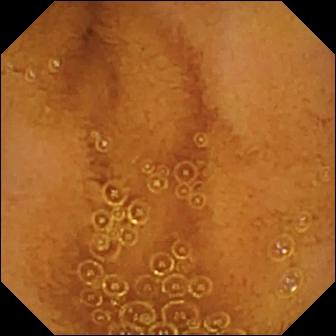WCE — normal clean mucosa.